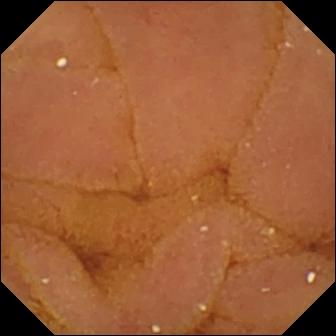Small-bowel capsule endoscopy still, small intestine
Label: normal clean mucosa